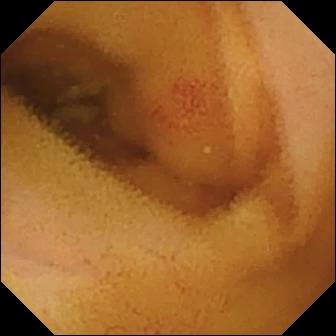Video capsule endoscopy still
Impression: angiectasia